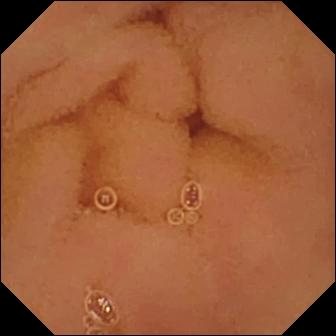WCE view showing normal clean mucosa.